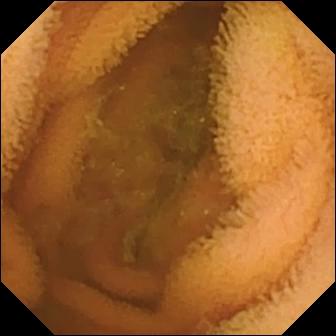Normal clean mucosa.